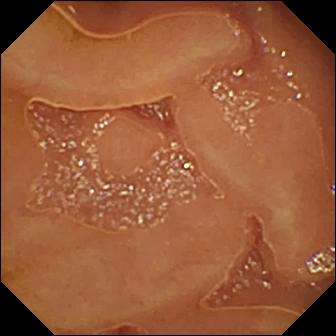This WCE snapshot shows normal clean mucosa.